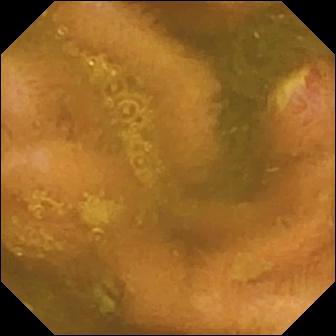Small-bowel capsule endoscopy still showing ulcer.